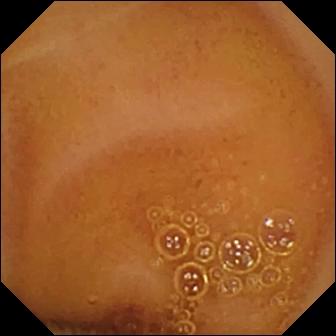This WCE snapshot shows normal clean mucosa.